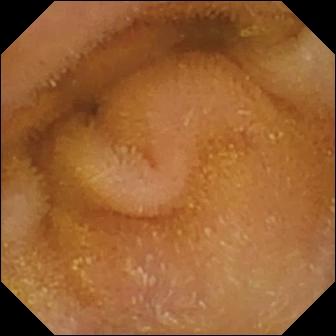- modality: WCE
- segment: small intestine
- observation: normal clean mucosa